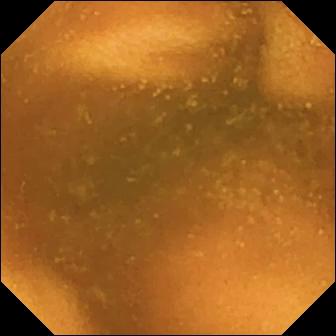Capsule endoscopy view. Normal clean mucosa.